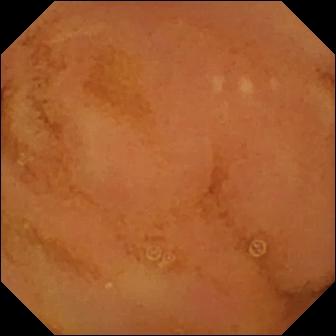Wireless capsule endoscopy frame (small intestine). Normal clean mucosa.